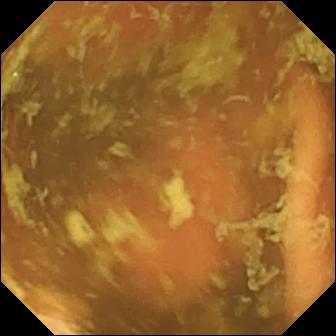modality: VCE; category: anatomical landmark; video segment: ileo-cecal valve region